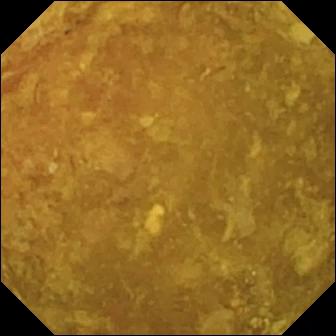Reduced mucosal view (content or bubbles obscuring the mucosa) — video capsule endoscopy view.